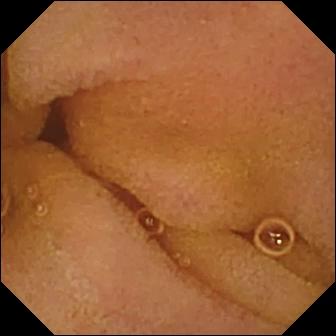VCE snapshot showing normal clean mucosa.